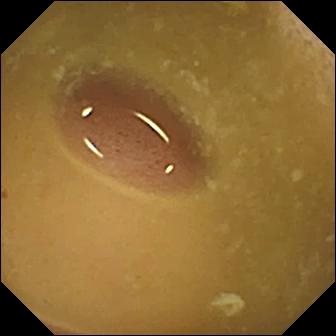Video capsule endoscopy view, 336×336. Taken in the ileo-cecal valve region.